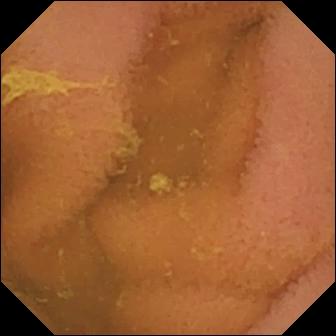modality: capsule endoscopy
category: luminal finding
label: normal clean mucosa